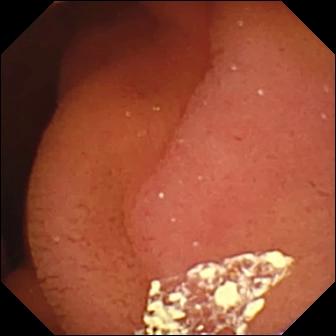Small-bowel capsule endoscopy. Near an anatomical landmark. Position: pylorus region (the junction between the stomach and the small bowel).